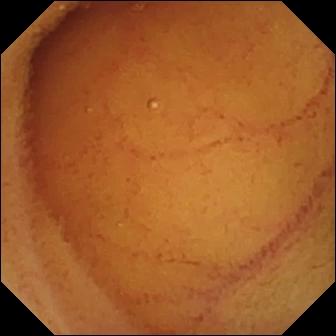VCE. Small intestine. Impression: normal clean mucosa.